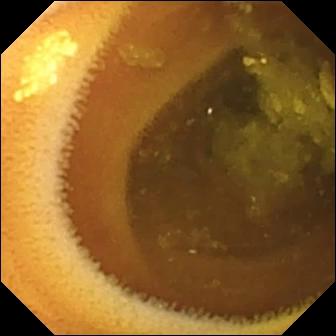Small-bowel capsule endoscopy — lymphangiectasia.